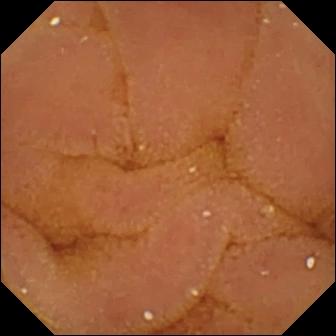Wireless capsule endoscopy frame
Label: normal clean mucosa